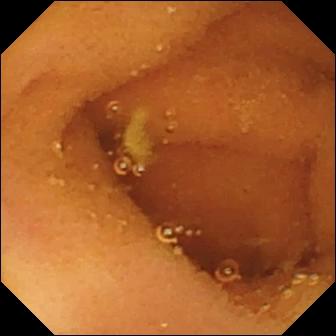This WCE still shows normal clean mucosa.